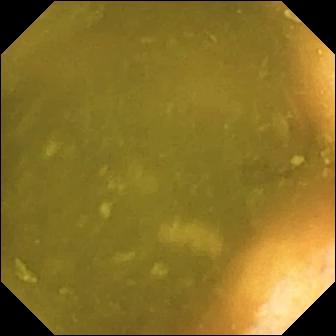Ileo-cecal valve region (the transition from the small bowel to the large bowel) — video capsule endoscopy image.